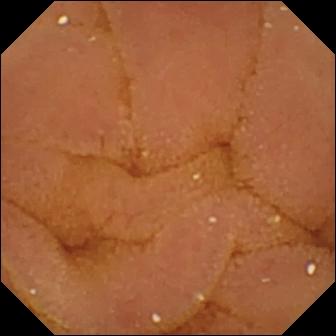{"modality": "WCE", "finding": "normal clean mucosa"}